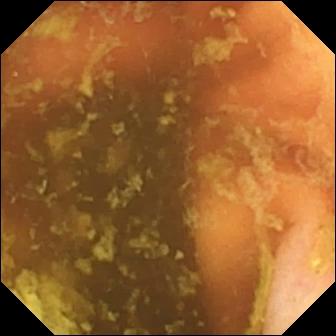VCE — ileo-cecal valve region (the transition from the small bowel to the large bowel).